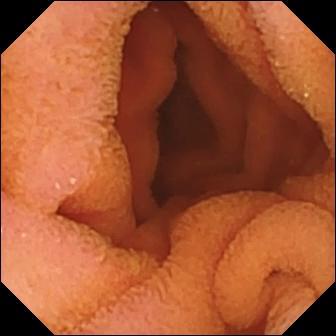This small-bowel capsule endoscopy image shows normal clean mucosa.